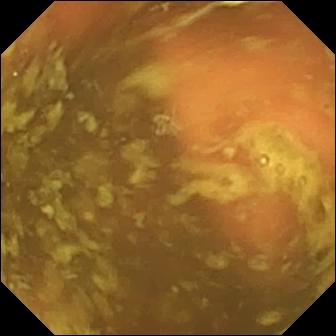PROCEDURE: VCE.
LABEL: Ileo-cecal valve region (where the capsule passes from the small bowel into the large bowel).